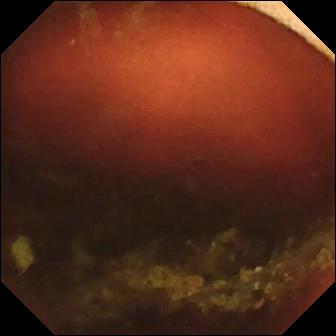Wireless capsule endoscopy. Video segment: ileo-cecal valve region (where the capsule passes from the small bowel into the large bowel).